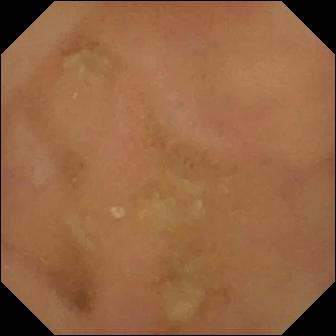Q: What does this capsule endoscopy still of the small bowel show?
A: Normal clean mucosa.